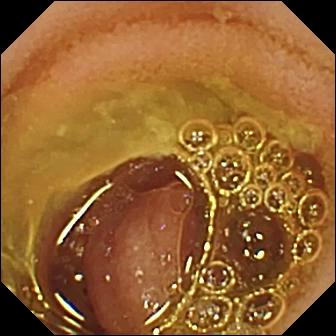VCE snapshot, small bowel
Label: normal clean mucosa